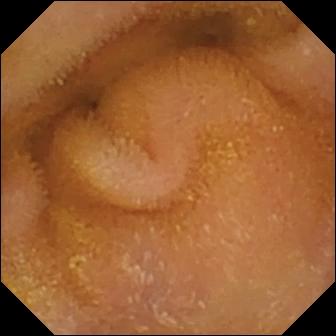Normal clean mucosa — small-bowel capsule endoscopy image.